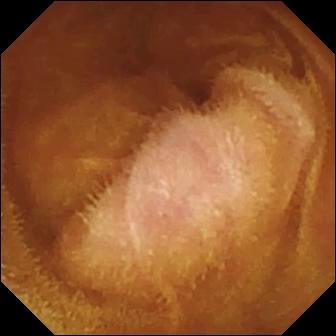modality: wireless capsule endoscopy; category: luminal finding; finding: normal clean mucosa